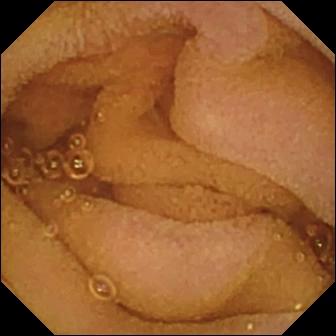modality: video capsule endoscopy | category: luminal finding | label: normal clean mucosa